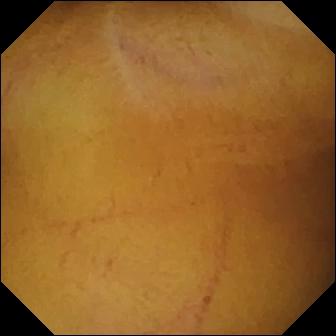This VCE frame shows normal clean mucosa.